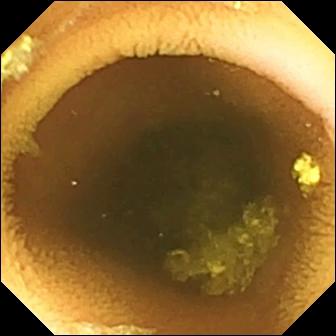PROCEDURE: Capsule endoscopy.
SEGMENT: Small bowel.
FINDINGS: Normal clean mucosa.